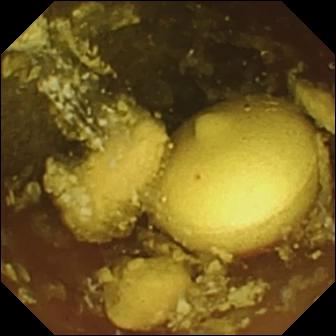Foreign body (e.g. retained capsule, tablet residue).